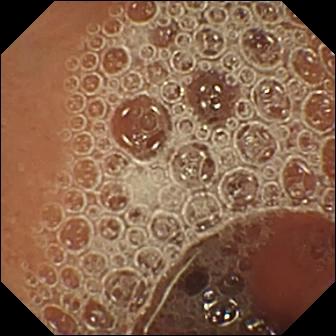Normal clean mucosa — wireless capsule endoscopy image.